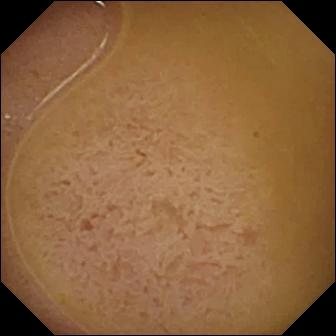Capsule endoscopy — ileo-cecal valve region (the transition from the small bowel to the large bowel).